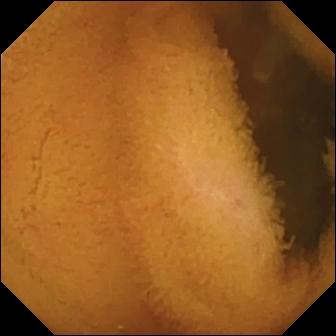This small-bowel capsule endoscopy frame of the small intestine shows normal clean mucosa.